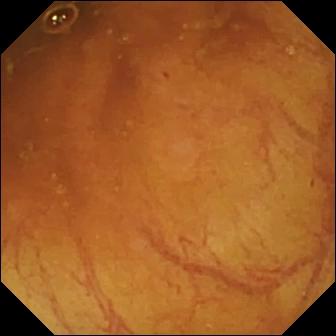VCE snapshot, 336×336. Taken in the ileo-cecal valve region (the transition from the small bowel to the large bowel).